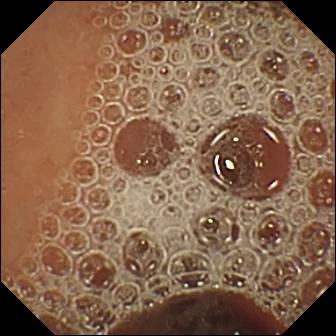modality: WCE
category: luminal finding
finding: normal clean mucosa